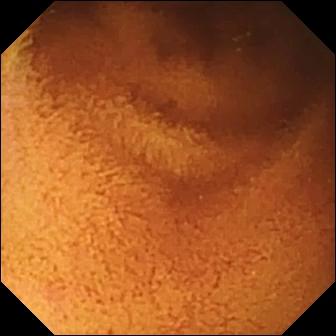{"modality": "wireless capsule endoscopy", "category": "luminal finding", "finding": "normal clean mucosa"}